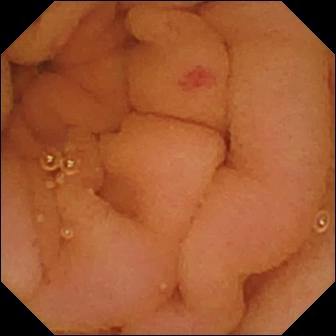Wireless capsule endoscopy frame
Label: angiectasia